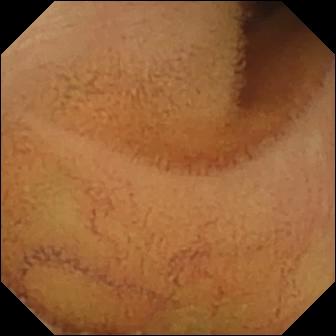Video capsule endoscopy view showing normal clean mucosa.